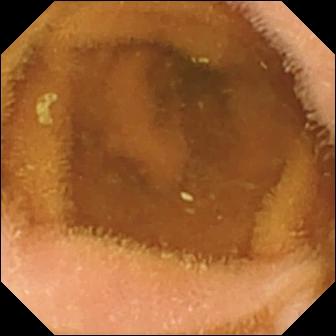Wireless capsule endoscopy. Label: normal clean mucosa.